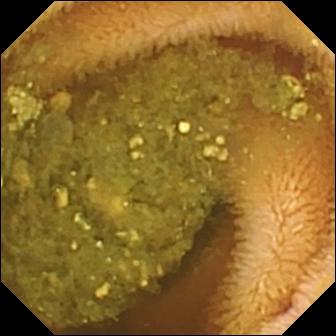WCE. Luminal finding. Finding: reduced mucosal view (content or bubbles obscuring the mucosa).